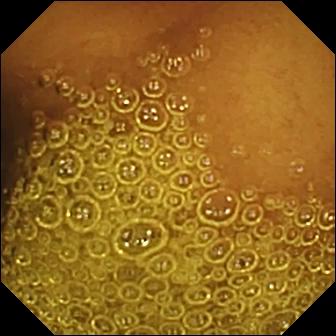modality: capsule endoscopy | finding: normal clean mucosa